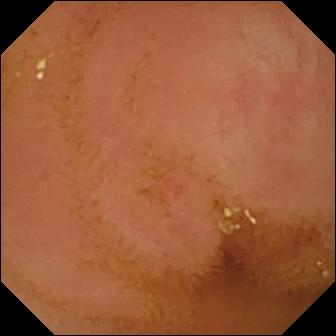Normal clean mucosa.